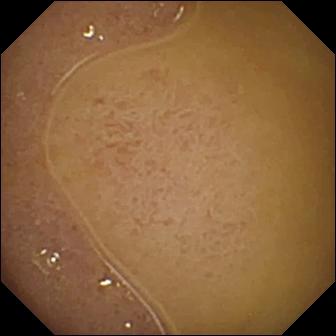Wireless capsule endoscopy snapshot
Video segment: ileo-cecal valve region (the transition from the small bowel to the large bowel)